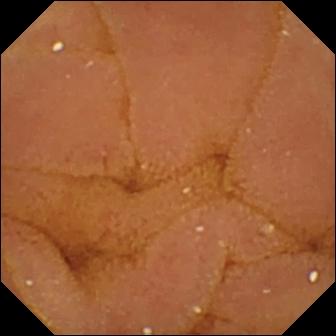Normal clean mucosa — wireless capsule endoscopy image of the small bowel.